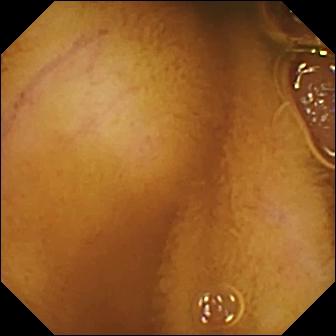- modality: video capsule endoscopy
- segment: small bowel
- observation: normal clean mucosa